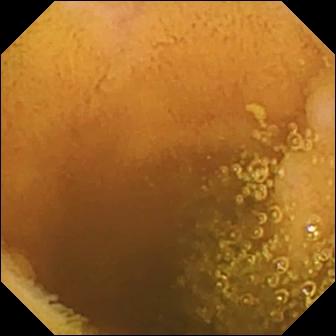WCE — normal clean mucosa.